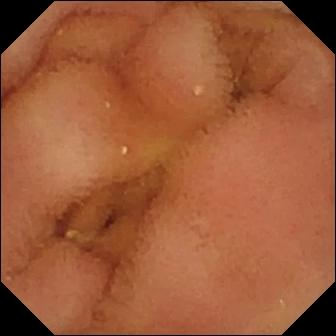Small-bowel capsule endoscopy view, small bowel
Finding: normal clean mucosa